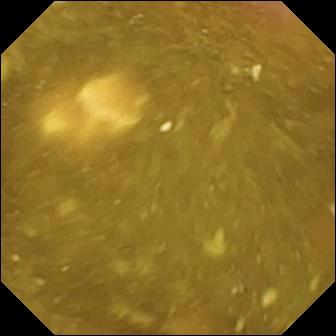Wireless capsule endoscopy image
Position: ileo-cecal valve region (where the capsule passes from the small bowel into the large bowel)